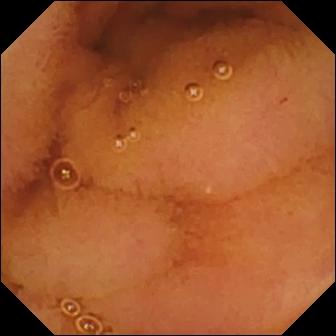This video capsule endoscopy image of the small intestine shows normal clean mucosa.